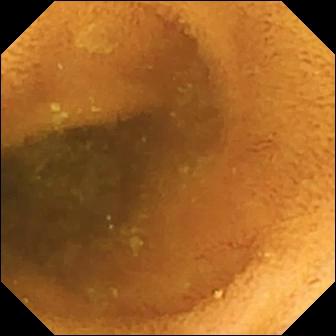{"modality": "wireless capsule endoscopy", "segment": "small intestine", "finding": "normal clean mucosa"}